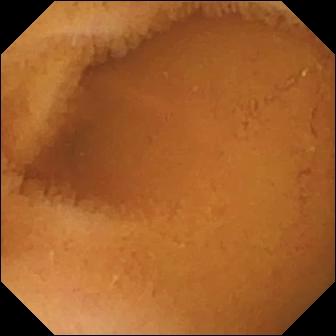modality: video capsule endoscopy | segment: small intestine | observation: normal clean mucosa